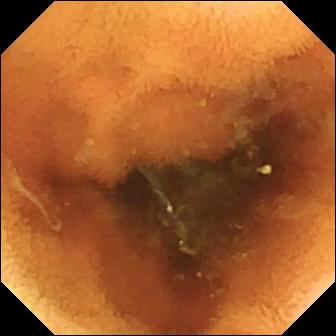Wireless capsule endoscopy — normal clean mucosa.